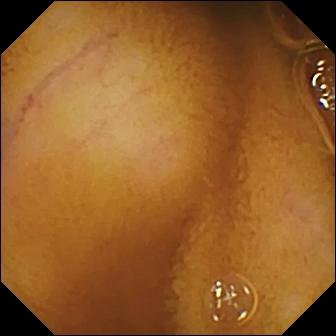Capsule endoscopy frame of the small intestine showing normal clean mucosa.